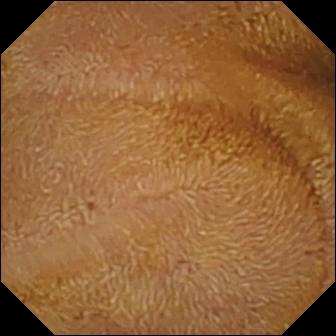Q: What does this small-bowel capsule endoscopy frame of the small bowel show?
A: Normal clean mucosa.